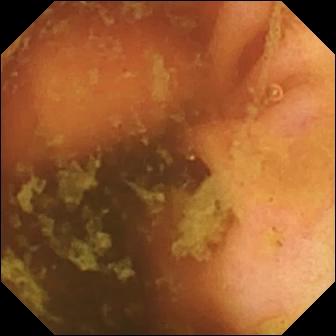This small-bowel capsule endoscopy snapshot was taken in the ileo-cecal valve region (where the capsule passes from the small bowel into the large bowel).